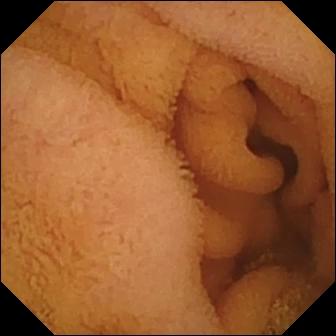modality: WCE
label: normal clean mucosa